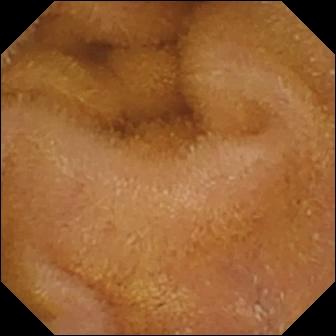{"modality": "small-bowel capsule endoscopy", "segment": "small intestine", "category": "luminal finding", "finding": "normal clean mucosa"}